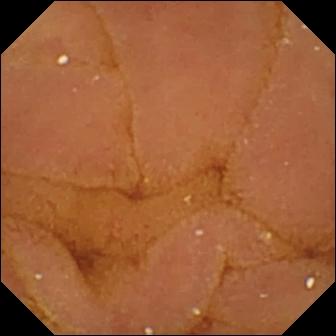Normal clean mucosa.